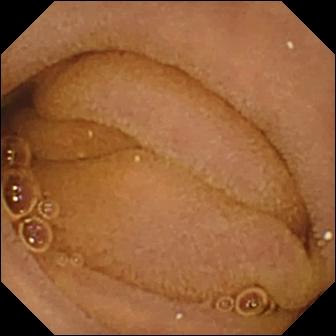modality: capsule endoscopy; label: normal clean mucosa